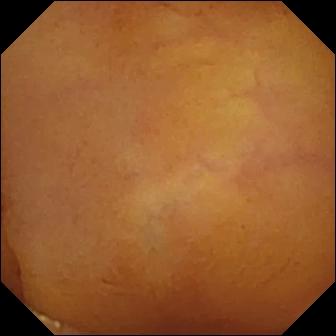modality: wireless capsule endoscopy; segment: small bowel; finding: normal clean mucosa